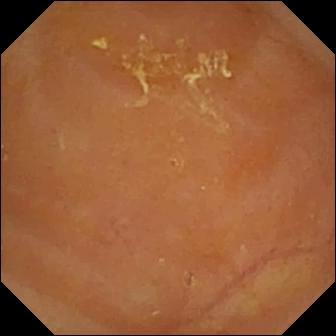Small-bowel capsule endoscopy still of the small intestine showing reduced mucosal view (content or bubbles obscuring the mucosa).